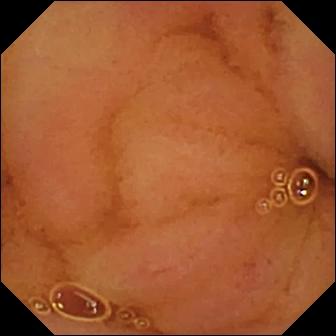Normal clean mucosa — capsule endoscopy frame of the small bowel.